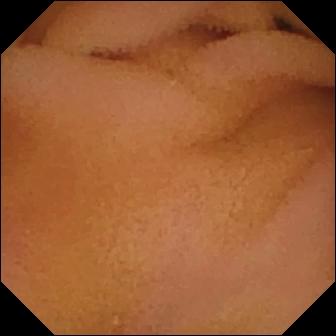VCE view. Normal clean mucosa.